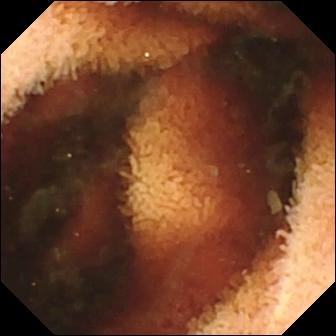Capsule endoscopy — fresh blood in the lumen.